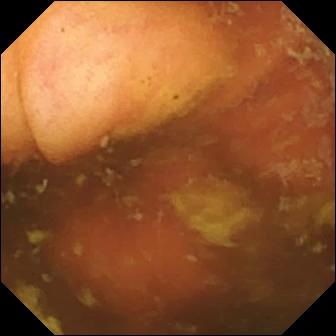PROCEDURE: VCE.
POSITION: Ileo-cecal valve region (the transition from the small bowel to the large bowel).